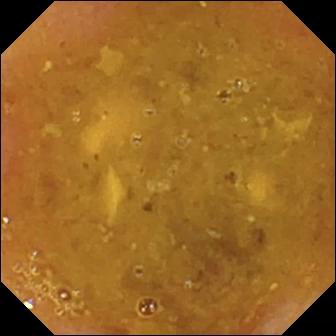VCE still showing reduced mucosal view (content or bubbles obscuring the mucosa).